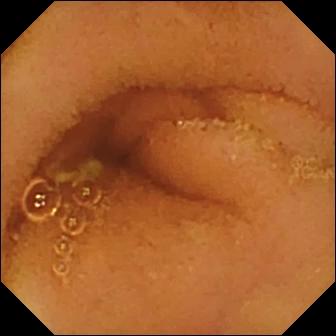modality: WCE; segment: small bowel; impression: normal clean mucosa